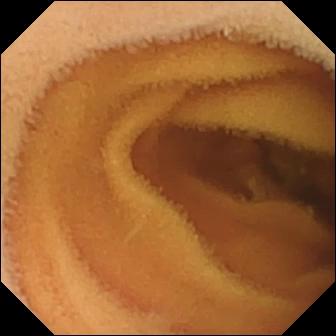VCE frame of the small intestine showing normal clean mucosa.